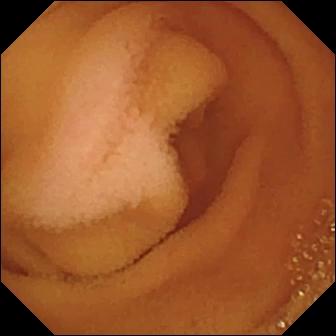PROCEDURE: Wireless capsule endoscopy.
SEGMENT: Small intestine.
FINDINGS: Normal clean mucosa.